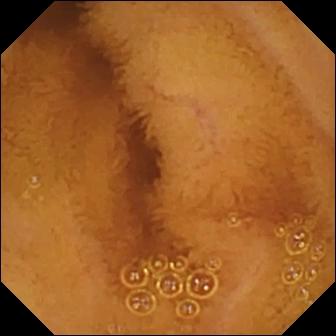{"modality": "VCE", "segment": "small bowel", "finding": "normal clean mucosa"}